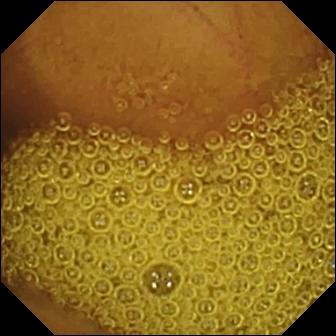Normal clean mucosa.